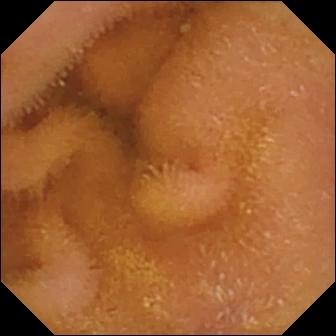VCE frame of the small bowel showing normal clean mucosa.